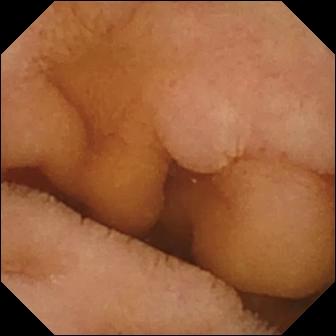- modality: WCE
- segment: small bowel
- category: luminal finding
- finding: normal clean mucosa